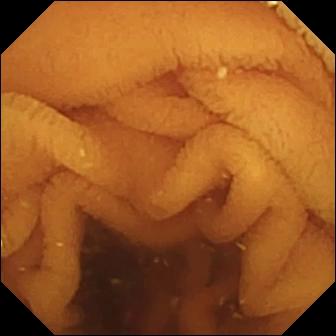- modality: WCE
- segment: small bowel
- impression: normal clean mucosa